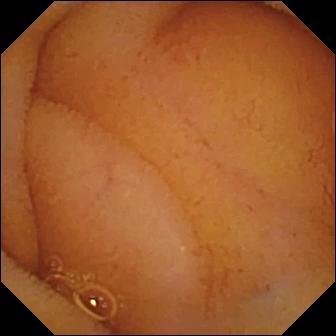PROCEDURE: VCE.
SEGMENT: Small bowel.
FINDINGS: Normal clean mucosa.